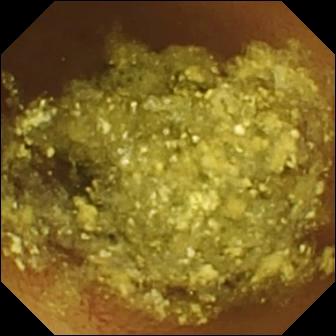{"modality": "capsule endoscopy", "segment": "small intestine", "finding": "normal clean mucosa"}